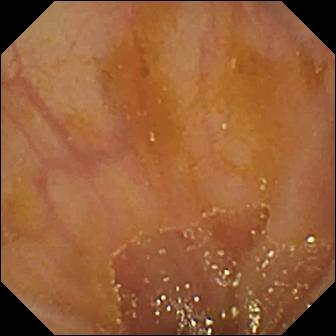WCE — ileo-cecal valve region (where the capsule passes from the small bowel into the large bowel).